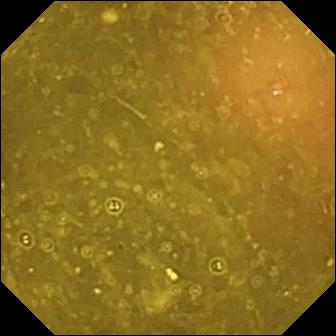This video capsule endoscopy snapshot was taken in the ileo-cecal valve region.